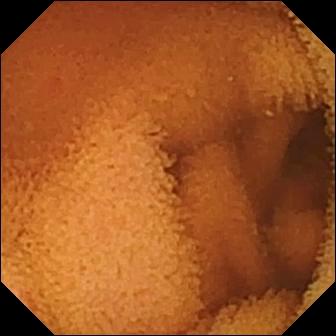Small-bowel capsule endoscopy. Small intestine. Impression: normal clean mucosa.